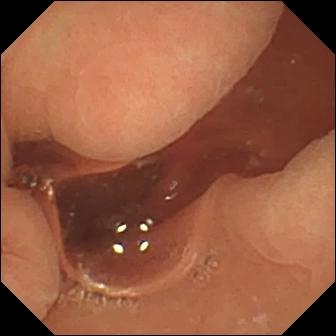{"modality": "wireless capsule endoscopy", "finding": "normal clean mucosa"}